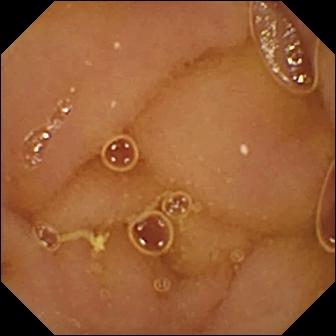- modality: wireless capsule endoscopy
- segment: small bowel
- impression: normal clean mucosa